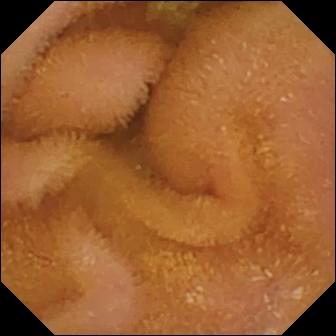Normal clean mucosa (336×336).